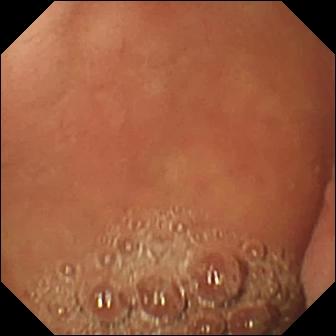PROCEDURE: Wireless capsule endoscopy.
LOCATION: Pylorus region (where the capsule passes from the stomach into the small bowel).